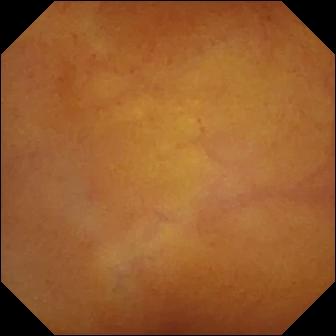Video capsule endoscopy — normal clean mucosa.